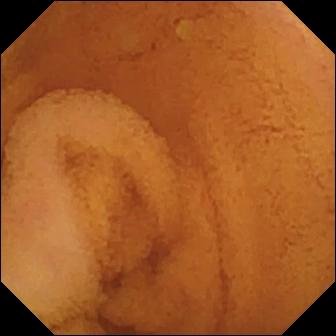Video capsule endoscopy snapshot showing normal clean mucosa.